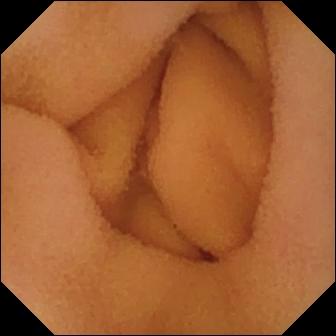modality: wireless capsule endoscopy | observation: normal clean mucosa